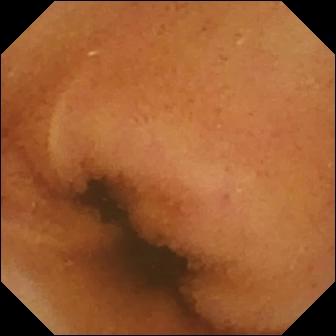Video capsule endoscopy snapshot of the small bowel showing normal clean mucosa.